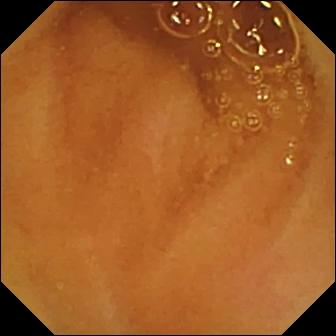WCE. Small bowel. Luminal finding. Finding: normal clean mucosa.